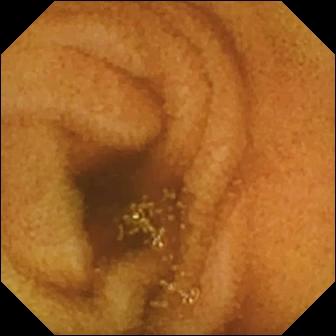WCE view. Normal clean mucosa.